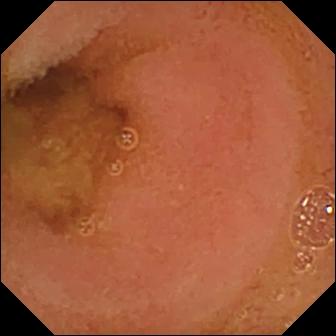Video capsule endoscopy still showing normal clean mucosa.